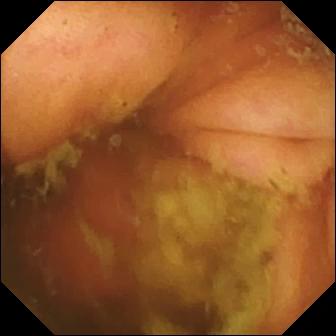PROCEDURE: WCE.
VIDEO SEGMENT: Ileo-cecal valve region.